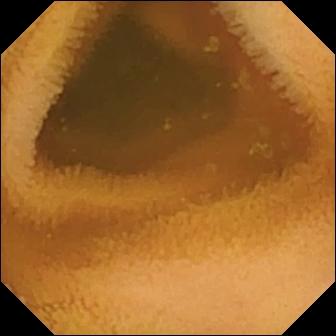Wireless capsule endoscopy — normal clean mucosa.